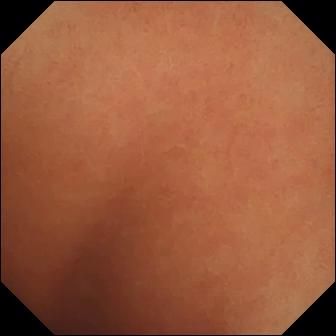Wireless capsule endoscopy. Label: normal clean mucosa.